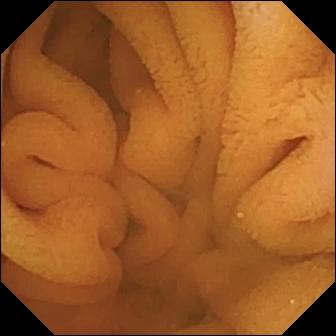Normal clean mucosa — video capsule endoscopy image.